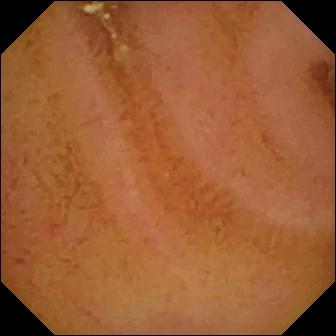Wireless capsule endoscopy frame of the small intestine showing normal clean mucosa.